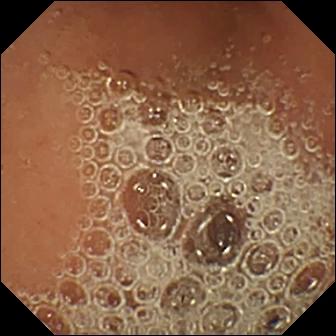modality: WCE | finding: normal clean mucosa